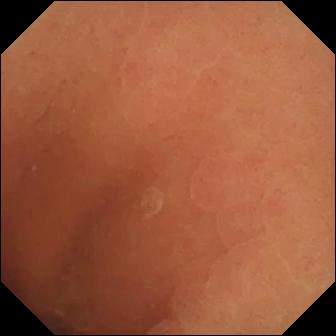modality: wireless capsule endoscopy
impression: normal clean mucosa